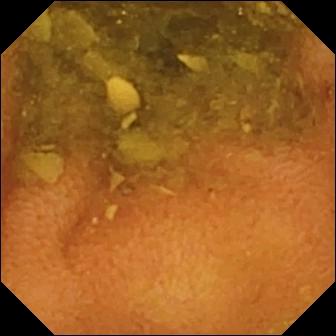- modality: capsule endoscopy
- segment: small bowel
- finding: normal clean mucosa